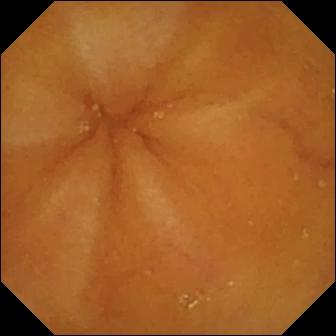Wireless capsule endoscopy view, small bowel
Observation: normal clean mucosa